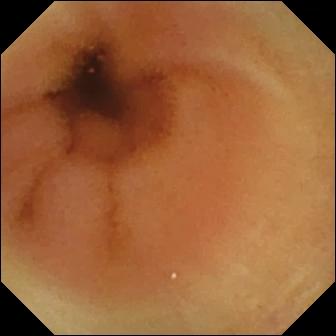Video capsule endoscopy snapshot. Normal clean mucosa.